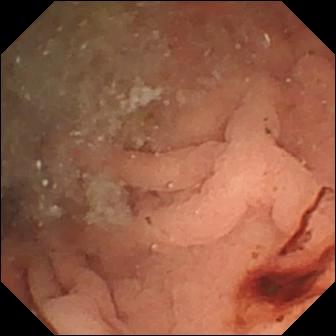{"modality": "VCE", "finding": "angiectasia"}